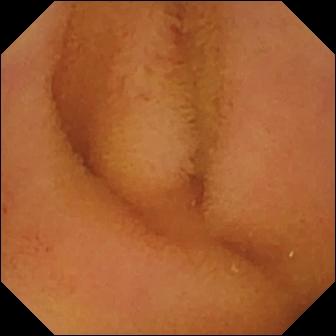Small-bowel capsule endoscopy view
Finding: normal clean mucosa